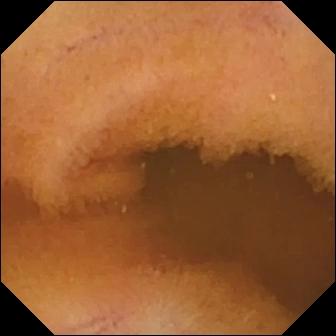VCE view of the small intestine showing normal clean mucosa.